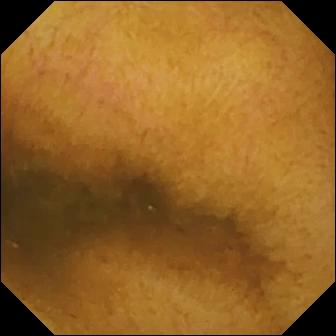modality: video capsule endoscopy | observation: normal clean mucosa